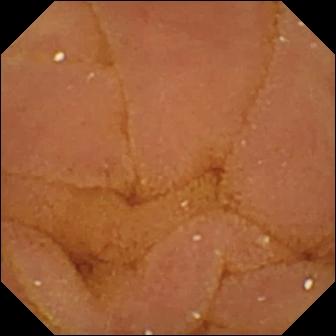VCE — normal clean mucosa.